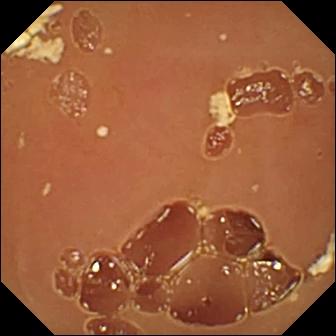{"modality": "video capsule endoscopy", "finding": "normal clean mucosa"}